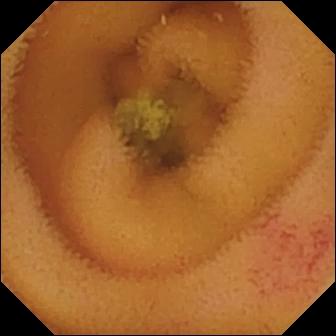VCE. Impression: angiectasia.